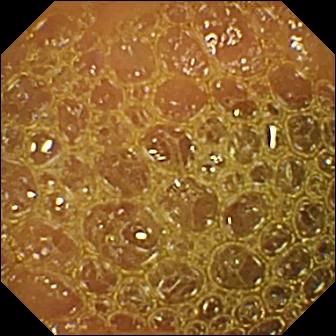Reduced mucosal view (content or bubbles obscuring the mucosa).